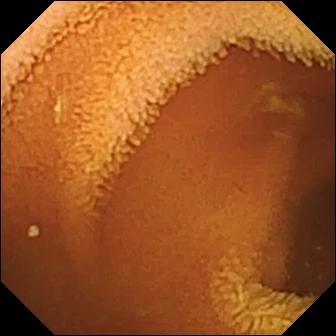Normal clean mucosa.